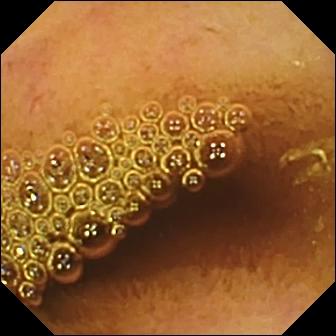Capsule endoscopy. Label: normal clean mucosa.